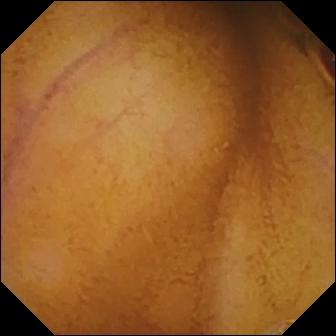Capsule endoscopy still
Label: normal clean mucosa